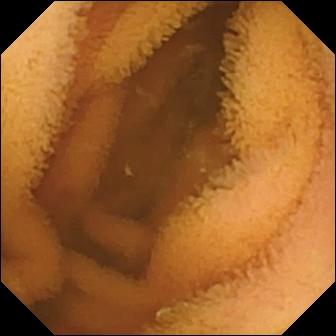Normal clean mucosa.